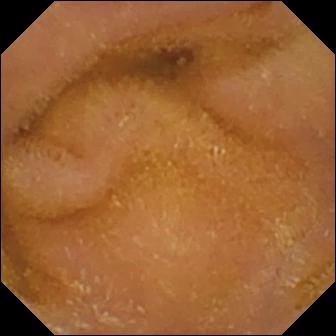- modality: wireless capsule endoscopy
- segment: small bowel
- impression: normal clean mucosa